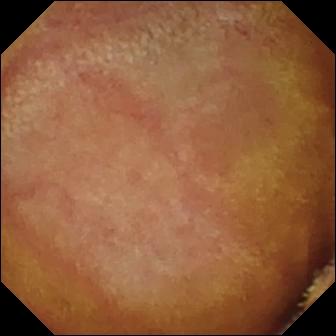VCE view. Normal clean mucosa.